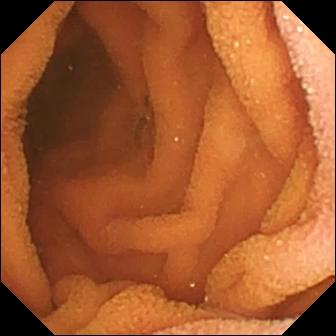Normal clean mucosa.